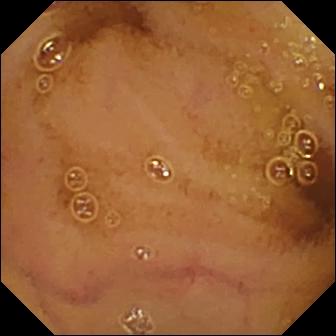Q: What does this capsule endoscopy frame show?
A: Normal clean mucosa.